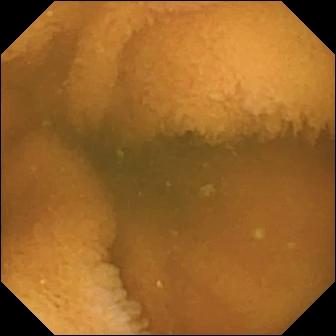- modality: capsule endoscopy
- label: normal clean mucosa